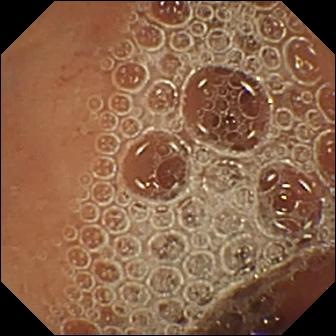Q: What does this wireless capsule endoscopy view show?
A: Normal clean mucosa.